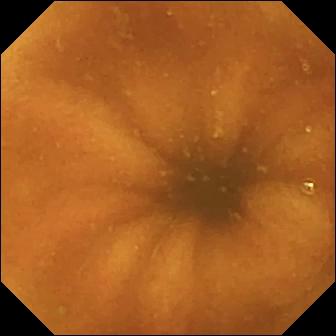Capsule endoscopy snapshot, small intestine
Observation: normal clean mucosa